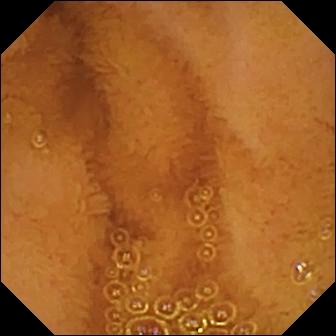PROCEDURE: Small-bowel capsule endoscopy.
SEGMENT: Small bowel.
FINDINGS: Normal clean mucosa.